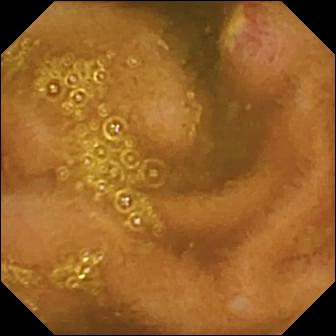{"modality": "VCE", "finding": "ulcer"}